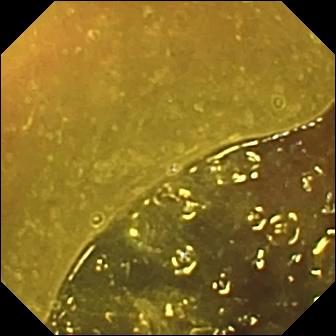Capsule endoscopy image taken in the ileo-cecal valve region (where the capsule passes from the small bowel into the large bowel).